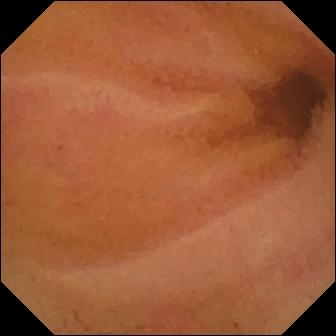Normal clean mucosa (336×336).